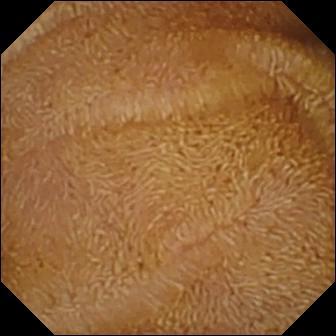{"modality": "video capsule endoscopy", "segment": "small bowel", "category": "luminal finding", "finding": "normal clean mucosa"}